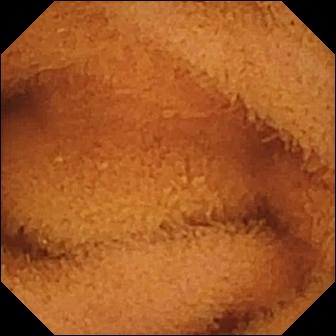Video capsule endoscopy view (small bowel), 336×336. Normal clean mucosa.